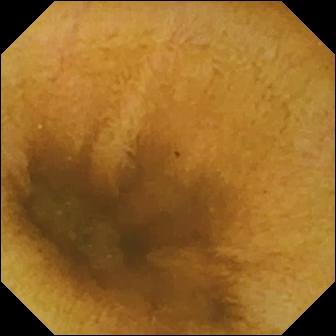VCE image. Normal clean mucosa.